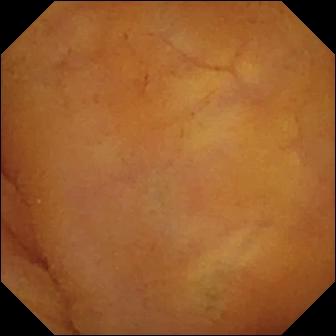PROCEDURE: Small-bowel capsule endoscopy.
FINDINGS: Normal clean mucosa.